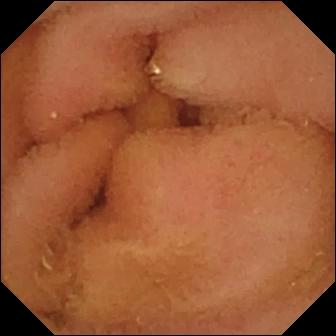Capsule endoscopy. Small intestine. Observation: normal clean mucosa.